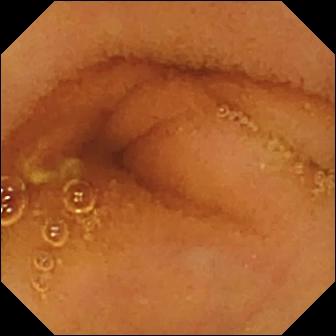{"modality": "wireless capsule endoscopy", "category": "luminal finding", "finding": "normal clean mucosa"}